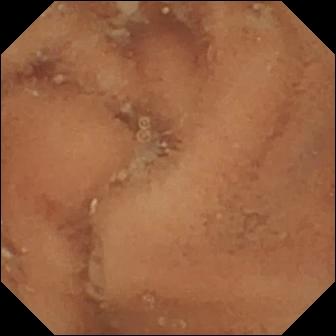- modality: video capsule endoscopy
- segment: small bowel
- label: normal clean mucosa